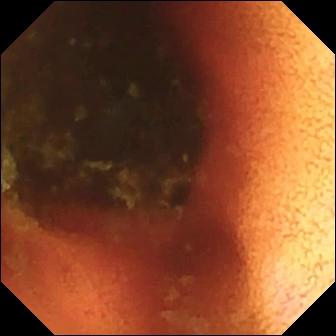modality: video capsule endoscopy; video segment: ileo-cecal valve region